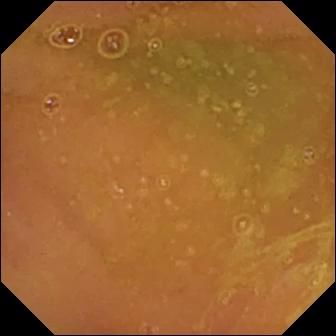This wireless capsule endoscopy view of the small intestine shows normal clean mucosa.